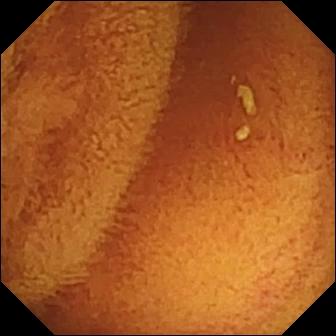VCE — normal clean mucosa.